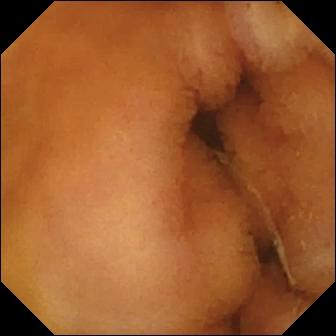Capsule endoscopy image of the small intestine showing normal clean mucosa.